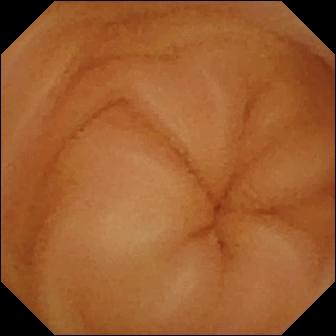VCE image
Observation: normal clean mucosa